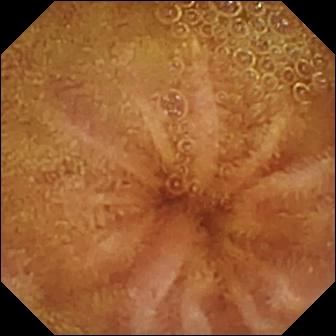WCE image showing normal clean mucosa.